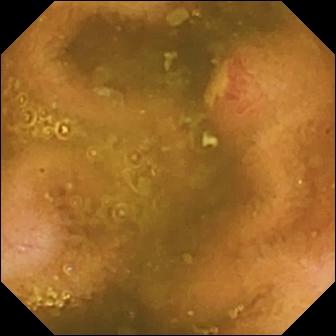PROCEDURE: Small-bowel capsule endoscopy.
FINDINGS: Ulcer.